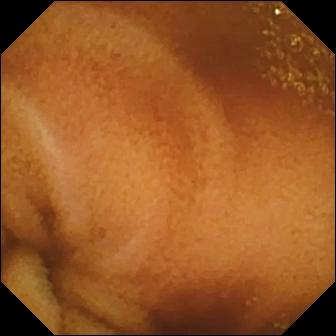Capsule endoscopy — normal clean mucosa.